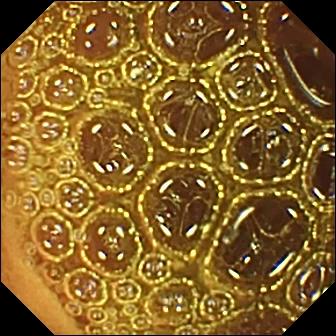- modality: small-bowel capsule endoscopy
- segment: small bowel
- category: luminal finding
- finding: normal clean mucosa